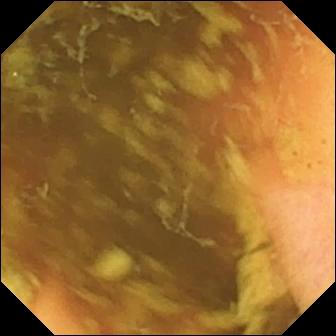modality: VCE | video segment: ileo-cecal valve region (where the capsule passes from the small bowel into the large bowel)